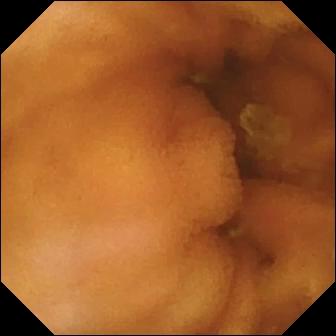{"modality": "video capsule endoscopy", "segment": "small bowel", "finding": "normal clean mucosa"}